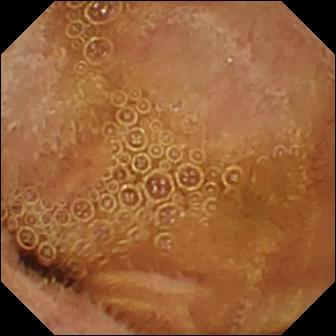WCE. Small intestine. Luminal finding. Finding: normal clean mucosa.